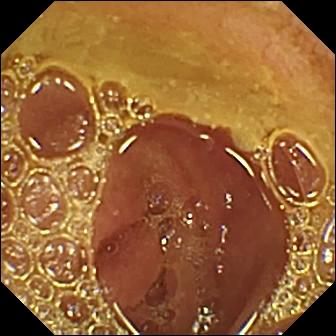Normal clean mucosa — video capsule endoscopy view of the small intestine.